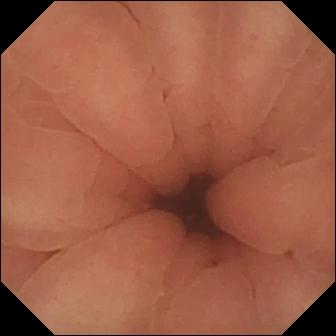Wireless capsule endoscopy. Near an anatomical landmark. Position: pylorus region (the junction between the stomach and the small bowel).